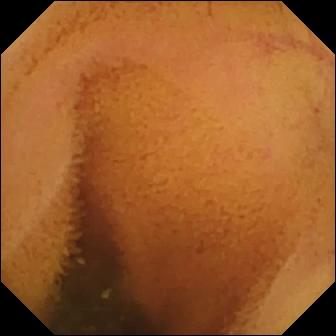Small-bowel capsule endoscopy — normal clean mucosa.